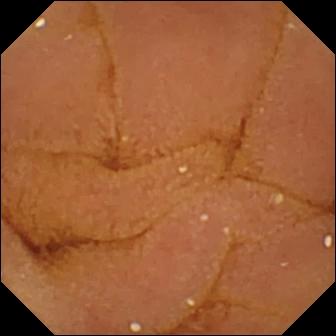Normal clean mucosa (336×336).